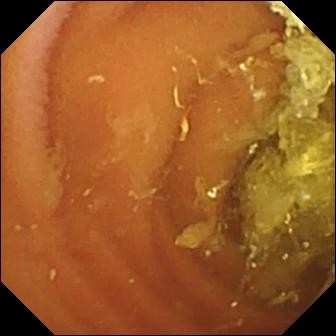Wireless capsule endoscopy — normal clean mucosa.